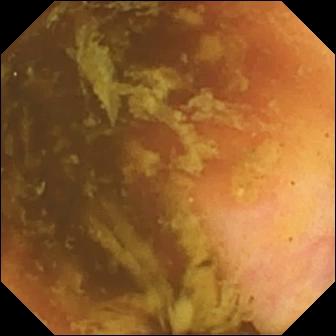Wireless capsule endoscopy. Location: ileo-cecal valve region (the transition from the small bowel to the large bowel).